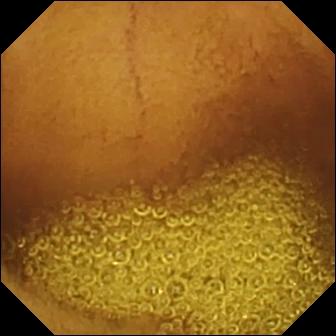Wireless capsule endoscopy. Small bowel. Finding: normal clean mucosa.